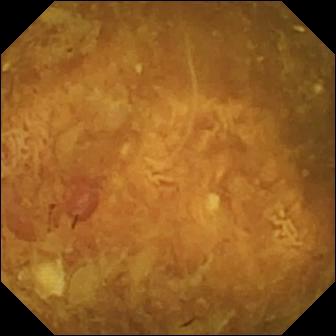PROCEDURE: Video capsule endoscopy.
SEGMENT: Small intestine.
FINDINGS: Reduced mucosal view (content or bubbles obscuring the mucosa).